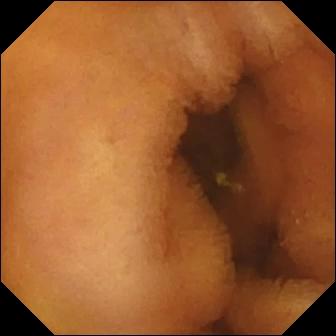Wireless capsule endoscopy view of the small intestine showing normal clean mucosa.